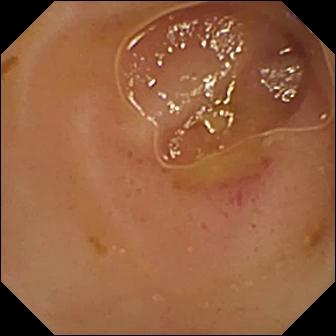PROCEDURE: Video capsule endoscopy.
FINDINGS: Erythema (mucosal redness).